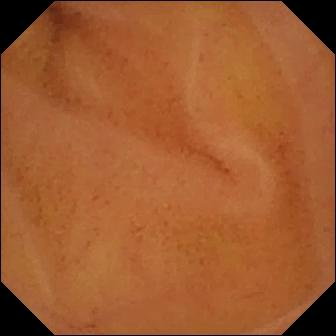Video capsule endoscopy image, small intestine
Label: normal clean mucosa